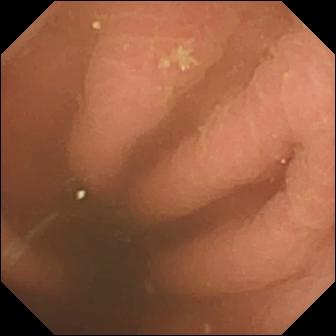Small-bowel capsule endoscopy still taken in the pylorus region.